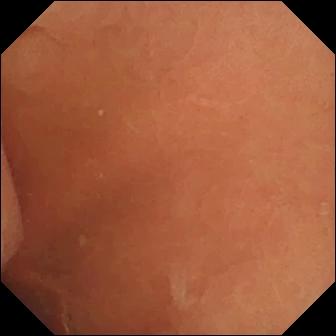Q: What does this video capsule endoscopy view show?
A: Normal clean mucosa.